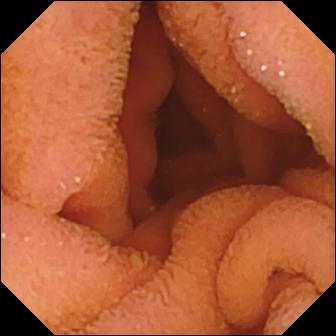Wireless capsule endoscopy. Small bowel. Observation: normal clean mucosa.